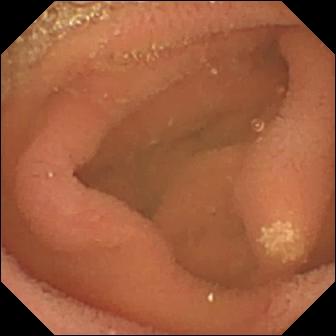PROCEDURE: VCE.
FINDINGS: Lymphangiectasia.